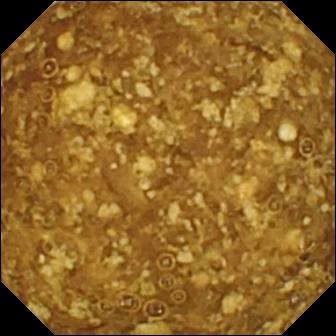Q: What does this capsule endoscopy still show?
A: Reduced mucosal view (content or bubbles obscuring the mucosa).